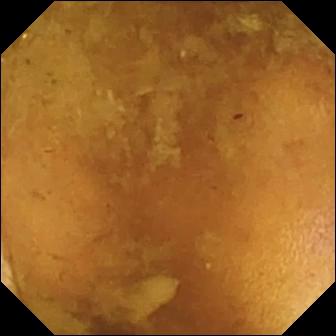- modality: VCE
- label: reduced mucosal view (content or bubbles obscuring the mucosa)